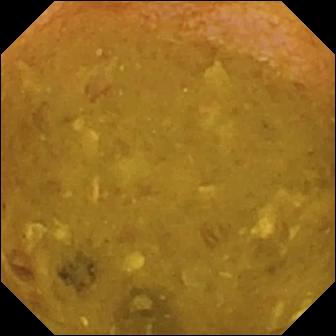VCE. Small bowel. Label: reduced mucosal view (content or bubbles obscuring the mucosa).